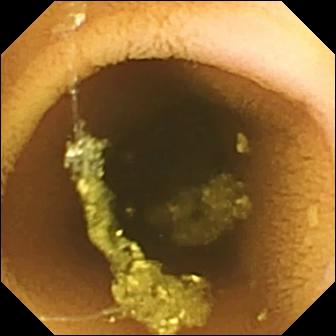Q: What does this capsule endoscopy view of the small bowel show?
A: Normal clean mucosa.